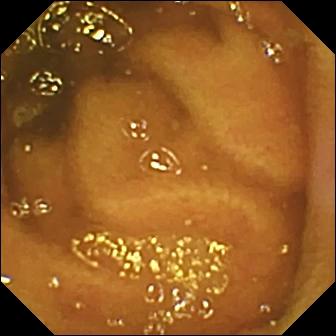Normal clean mucosa — video capsule endoscopy image.